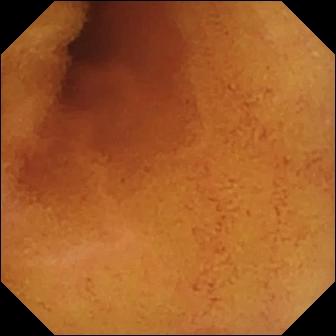Normal clean mucosa — capsule endoscopy frame.